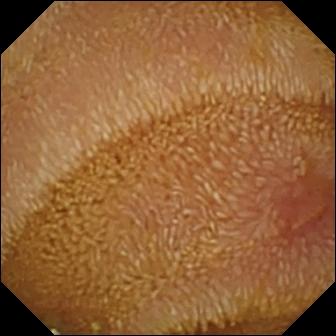This WCE snapshot shows erosion.